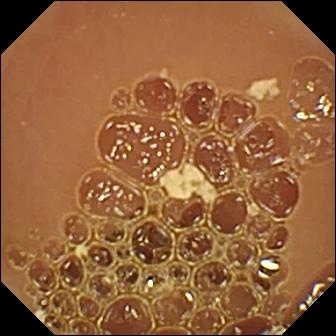modality: WCE; segment: small intestine; observation: normal clean mucosa